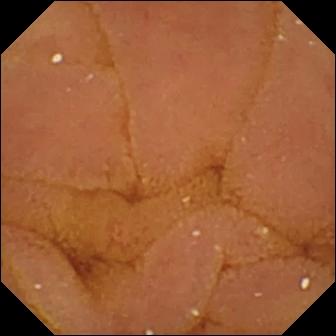{"modality": "small-bowel capsule endoscopy", "segment": "small intestine", "finding": "normal clean mucosa"}